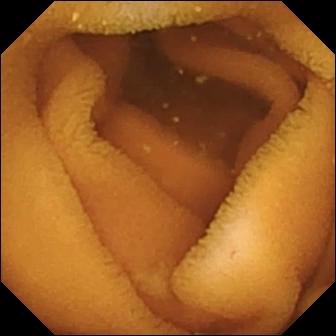Normal clean mucosa (336×336).